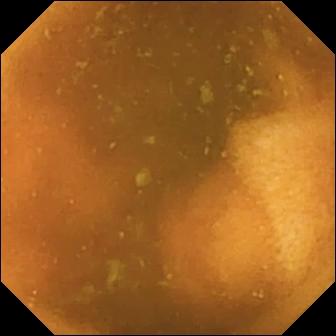Q: What does this small-bowel capsule endoscopy image of the small bowel show?
A: Normal clean mucosa.